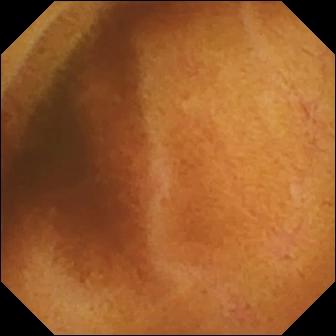modality: WCE | observation: normal clean mucosa